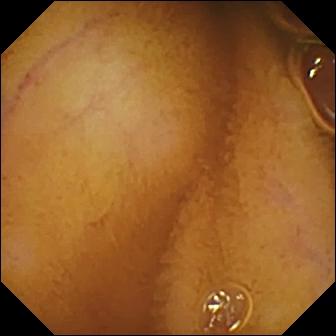modality: VCE
observation: normal clean mucosa